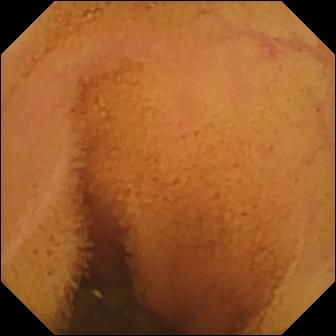VCE. Small bowel. Impression: normal clean mucosa.